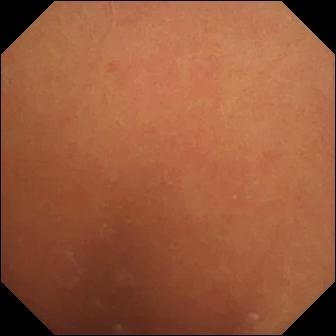PROCEDURE: Wireless capsule endoscopy.
FINDINGS: Normal clean mucosa.